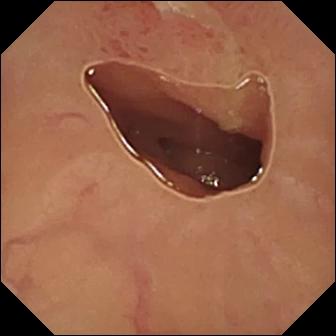Ulcer.